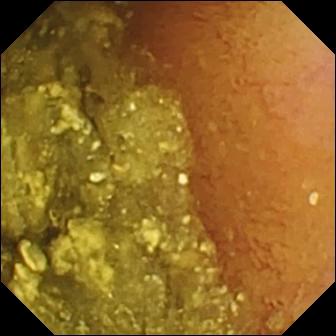Video capsule endoscopy still (small bowel). Normal clean mucosa.